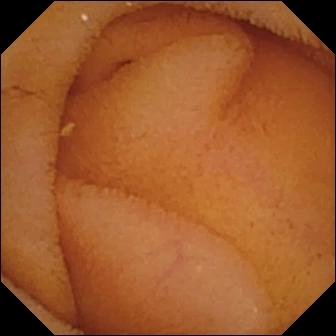- modality: WCE
- category: luminal finding
- observation: normal clean mucosa